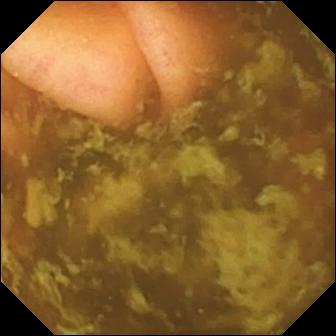modality: WCE; video segment: ileo-cecal valve region (the transition from the small bowel to the large bowel)